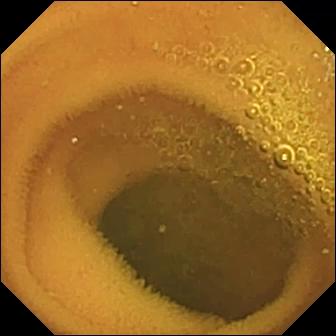{"modality": "VCE", "category": "luminal finding", "finding": "normal clean mucosa"}